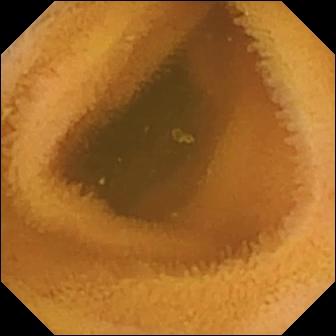This video capsule endoscopy snapshot of the small intestine shows normal clean mucosa.